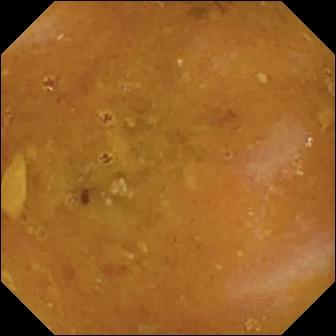Video capsule endoscopy snapshot showing reduced mucosal view (content or bubbles obscuring the mucosa).